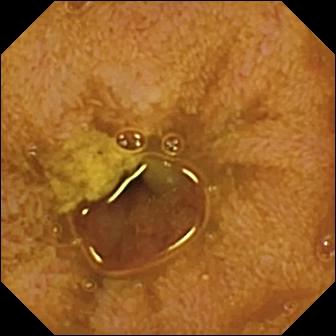modality: small-bowel capsule endoscopy | category: anatomical landmark | position: ileo-cecal valve region